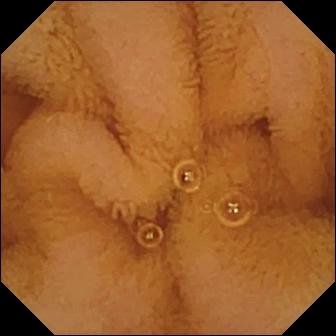Normal clean mucosa.